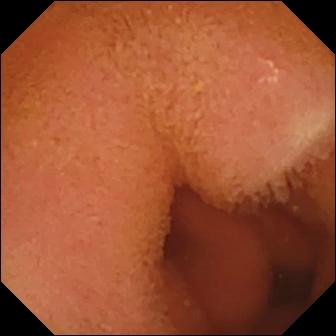Small-bowel capsule endoscopy still showing normal clean mucosa.